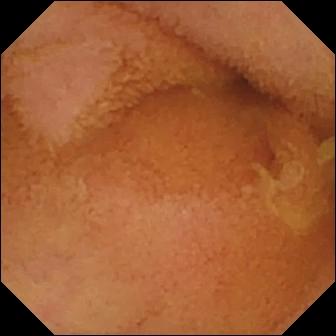PROCEDURE: Small-bowel capsule endoscopy.
SEGMENT: Small intestine.
FINDINGS: Normal clean mucosa.